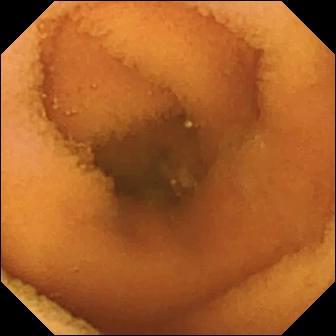- modality: VCE
- segment: small intestine
- observation: normal clean mucosa